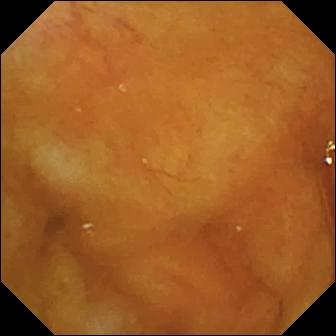modality: VCE; video segment: ileo-cecal valve region (where the capsule passes from the small bowel into the large bowel)